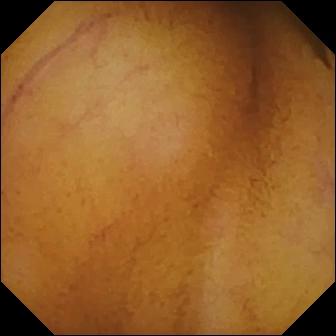This VCE view shows normal clean mucosa.